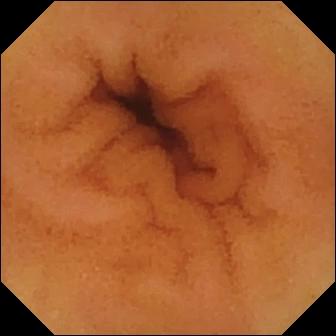Wireless capsule endoscopy image showing normal clean mucosa.